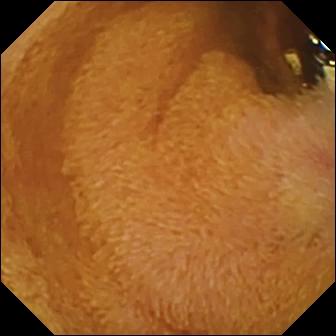Small-bowel capsule endoscopy. Luminal finding. Label: foreign body (e.g. retained capsule, tablet residue).